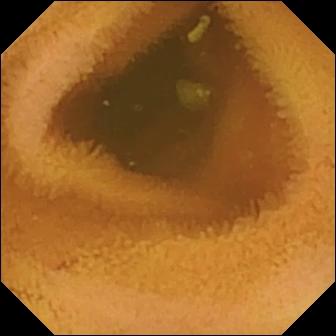Normal clean mucosa.